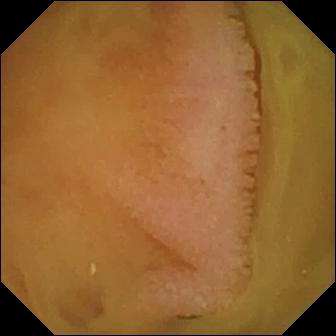Wireless capsule endoscopy still (small intestine). Normal clean mucosa.